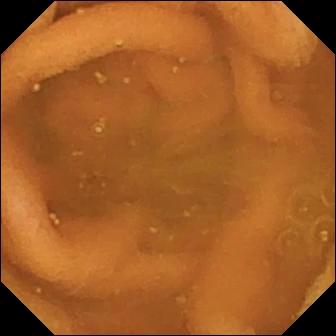{"modality": "wireless capsule endoscopy", "finding": "normal clean mucosa"}